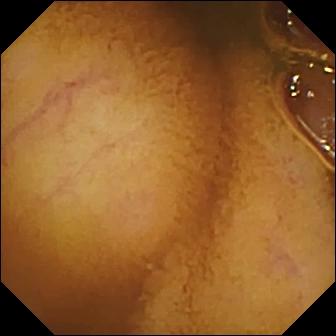Wireless capsule endoscopy view (small intestine). Normal clean mucosa.